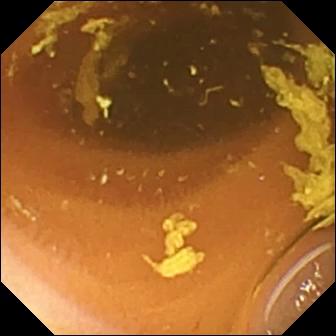{"modality": "wireless capsule endoscopy", "category": "luminal finding", "finding": "normal clean mucosa"}